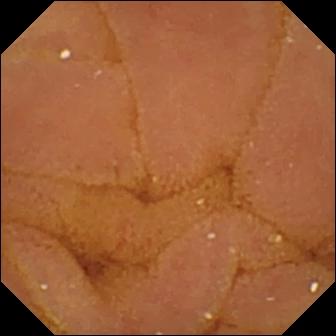Q: What does this VCE image of the small bowel show?
A: Normal clean mucosa.